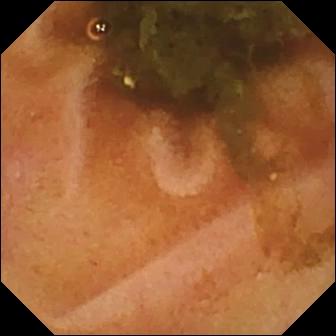Video capsule endoscopy — ileo-cecal valve region.